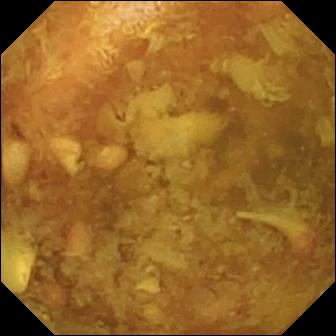- modality: WCE
- impression: reduced mucosal view (content or bubbles obscuring the mucosa)